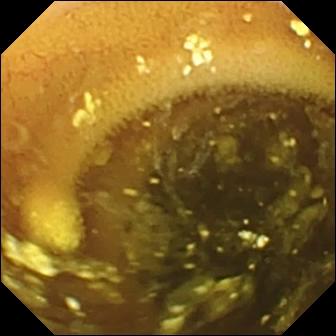Wireless capsule endoscopy image
Finding: lymphangiectasia